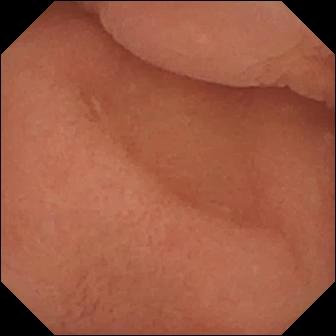{"modality": "small-bowel capsule endoscopy", "category": "anatomical landmark", "video_segment": "pylorus region (the junction between the stomach and the small bowel)"}